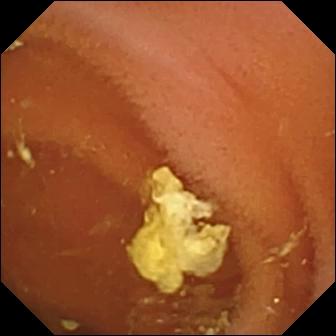Normal clean mucosa — capsule endoscopy snapshot of the small bowel.